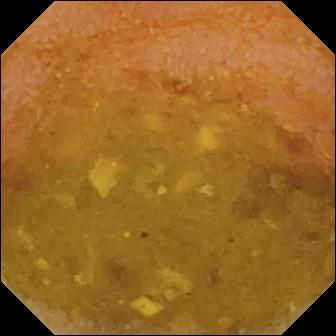WCE — reduced mucosal view (content or bubbles obscuring the mucosa).